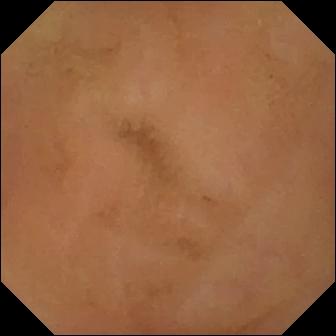Normal clean mucosa.